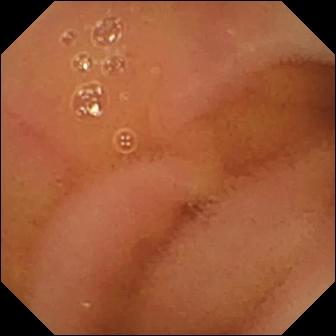Wireless capsule endoscopy. Luminal finding. Impression: normal clean mucosa.